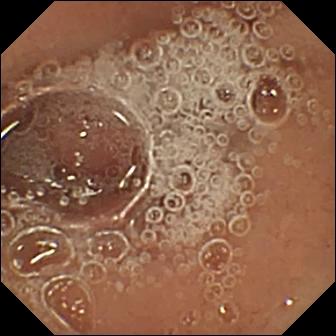Capsule endoscopy. Video segment: pylorus region.